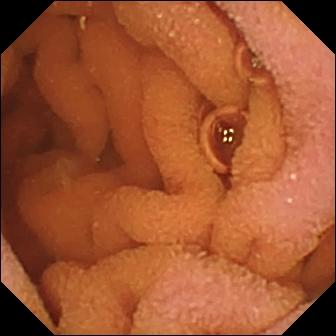Video capsule endoscopy image showing normal clean mucosa.